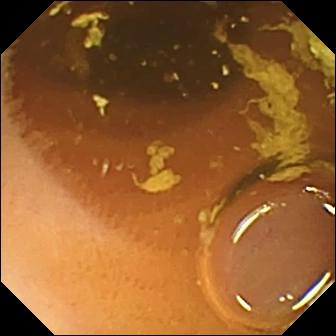{"modality": "video capsule endoscopy", "finding": "normal clean mucosa"}